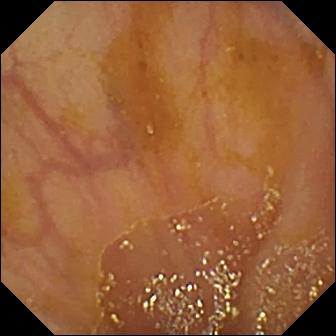This VCE frame was taken in the ileo-cecal valve region.